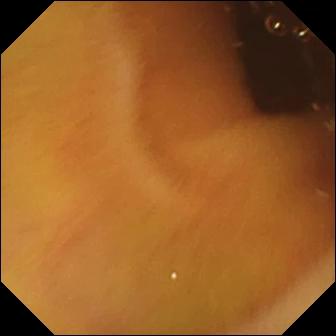Video capsule endoscopy image
Finding: normal clean mucosa